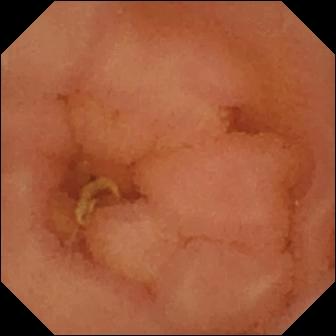Video capsule endoscopy image (small intestine), 336×336. Normal clean mucosa.